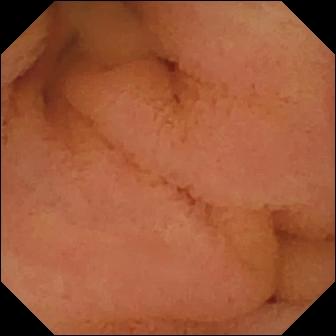- modality: WCE
- segment: small intestine
- category: luminal finding
- impression: normal clean mucosa